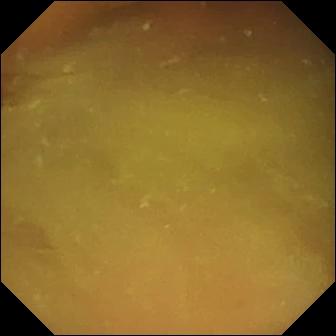Video capsule endoscopy. Small intestine. Label: normal clean mucosa.